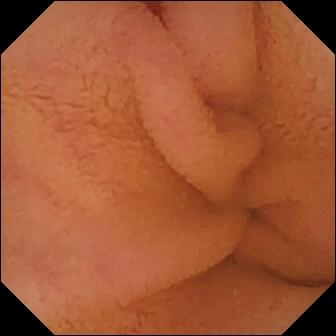Normal clean mucosa.